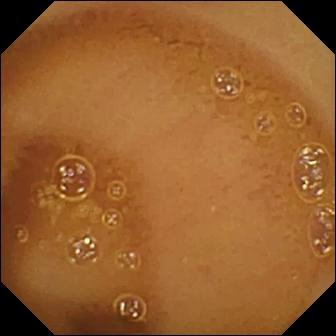- modality: wireless capsule endoscopy
- impression: normal clean mucosa